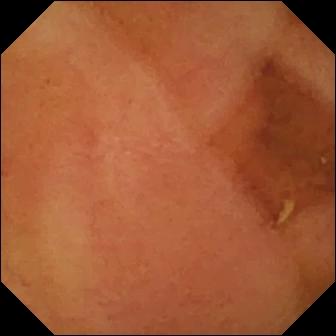WCE still showing normal clean mucosa.